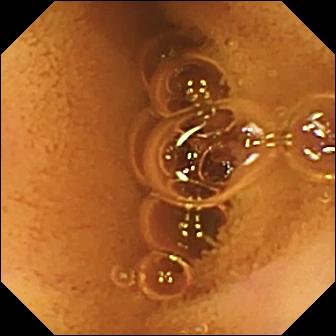- modality: VCE
- category: luminal finding
- impression: normal clean mucosa